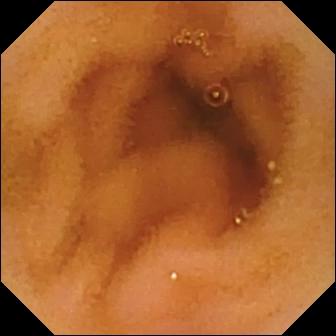Wireless capsule endoscopy still (small intestine), 336×336. Normal clean mucosa.